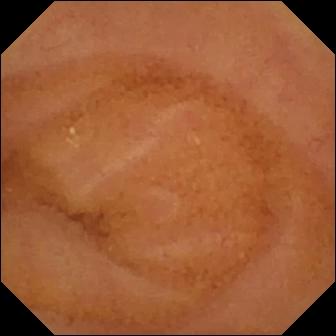This VCE snapshot of the small intestine shows normal clean mucosa.